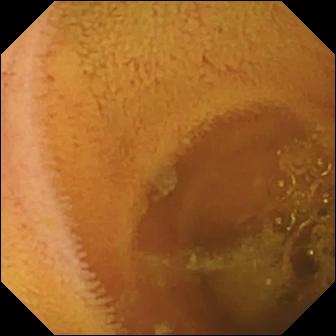VCE. Small intestine. Impression: normal clean mucosa.